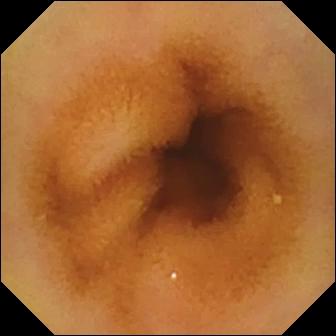PROCEDURE: Video capsule endoscopy.
SEGMENT: Small intestine.
FINDINGS: Normal clean mucosa.